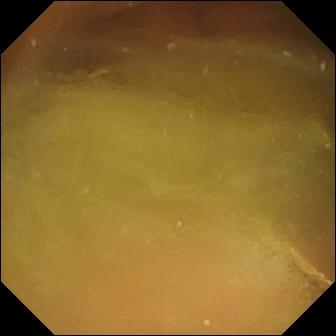- modality: VCE
- category: luminal finding
- impression: normal clean mucosa